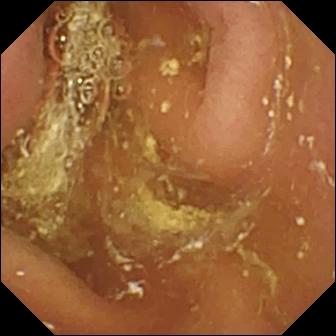Wireless capsule endoscopy snapshot. Taken in the pylorus region.